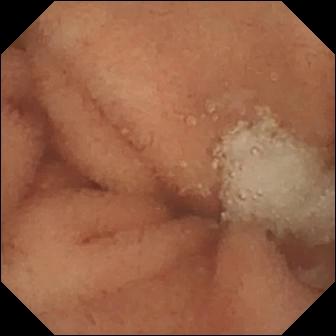Q: What does this video capsule endoscopy frame show?
A: Normal clean mucosa.